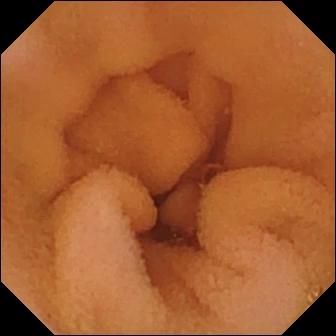Capsule endoscopy view showing normal clean mucosa.